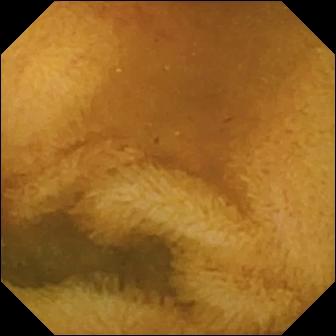Capsule endoscopy — normal clean mucosa.